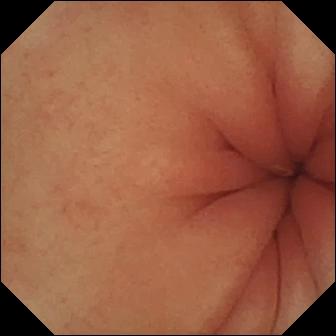This WCE snapshot was taken in the pylorus region (the junction between the stomach and the small bowel).